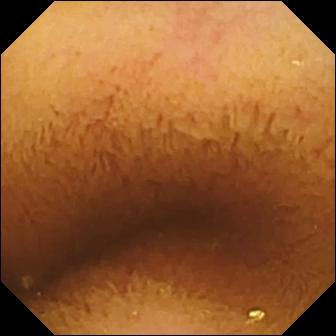PROCEDURE: Video capsule endoscopy.
SEGMENT: Small bowel.
FINDINGS: Normal clean mucosa.